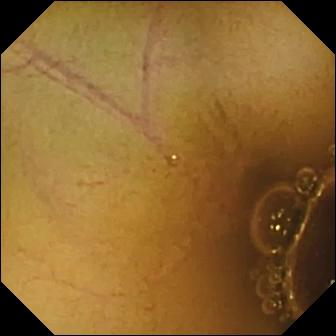- modality: capsule endoscopy
- segment: small intestine
- category: luminal finding
- impression: normal clean mucosa